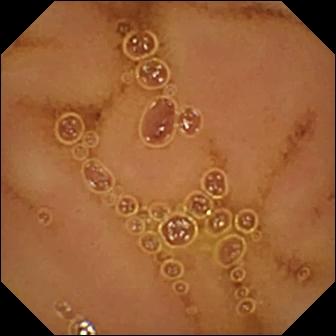This small-bowel capsule endoscopy snapshot of the small intestine shows normal clean mucosa.